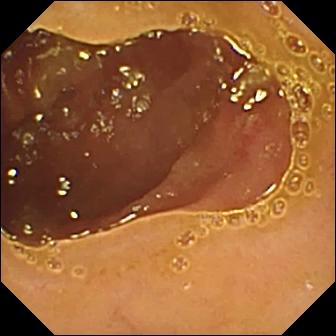- modality: WCE
- category: luminal finding
- impression: ulcer